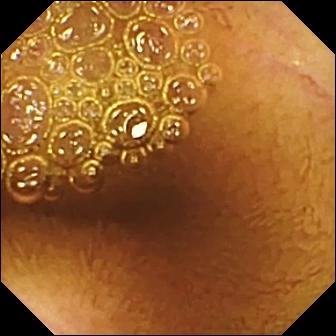Normal clean mucosa.